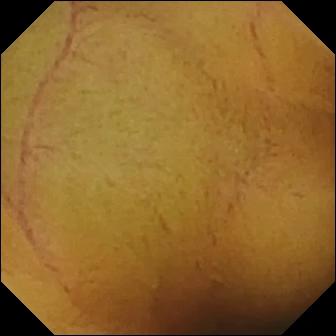Normal clean mucosa — wireless capsule endoscopy view of the small bowel.